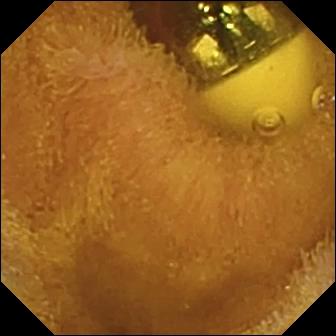Q: What does this VCE view show?
A: Foreign body (e.g. retained capsule, tablet residue).